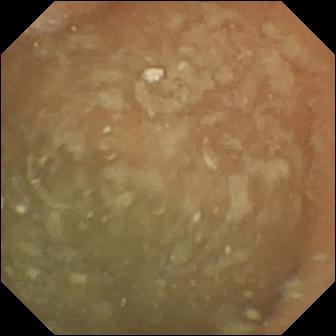VCE — normal clean mucosa.